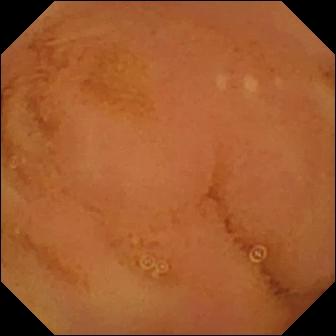Normal clean mucosa.